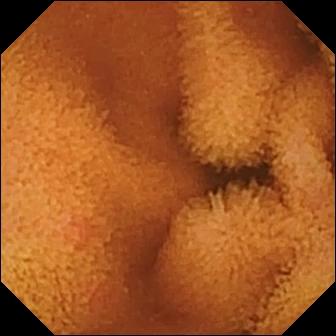PROCEDURE: VCE.
FINDINGS: Normal clean mucosa.